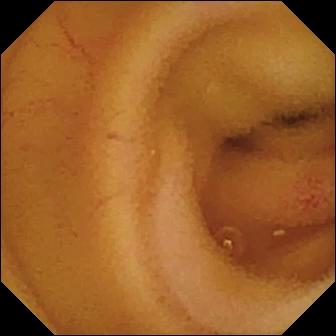Small-bowel capsule endoscopy view. Angiectasia.